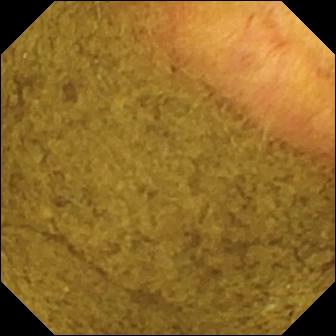WCE. Location: ileo-cecal valve region (the transition from the small bowel to the large bowel).